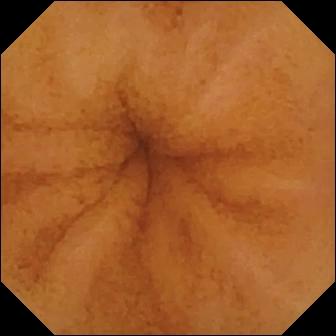This video capsule endoscopy frame of the small intestine shows normal clean mucosa.